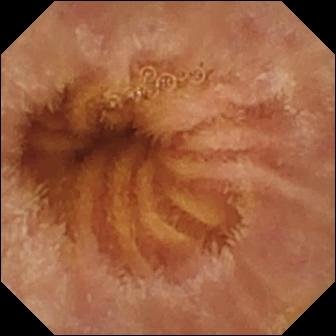- modality: WCE
- category: luminal finding
- finding: normal clean mucosa